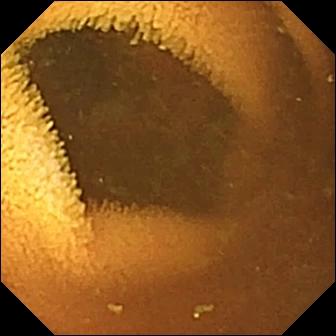{"modality": "WCE", "category": "luminal finding", "finding": "normal clean mucosa"}